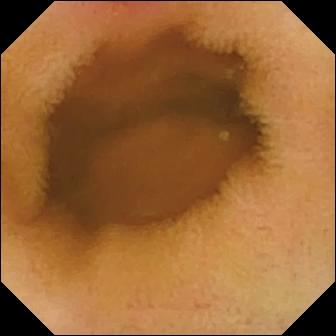VCE. Label: erythema (mucosal redness).